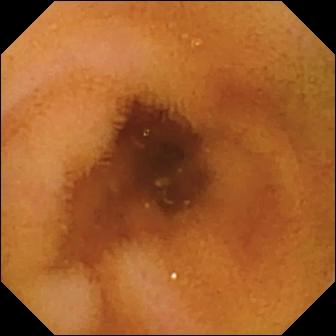Q: What does this video capsule endoscopy view of the small intestine show?
A: Normal clean mucosa.